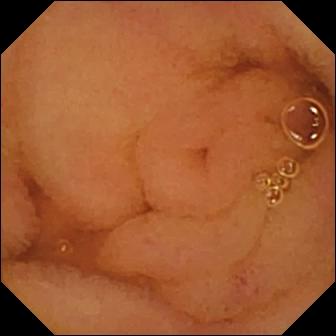Q: What does this video capsule endoscopy image show?
A: Normal clean mucosa.